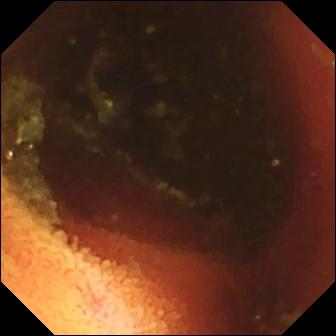WCE — ileo-cecal valve region (where the capsule passes from the small bowel into the large bowel).